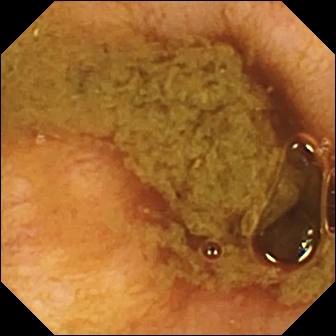VCE snapshot taken in the ileo-cecal valve region (the transition from the small bowel to the large bowel).